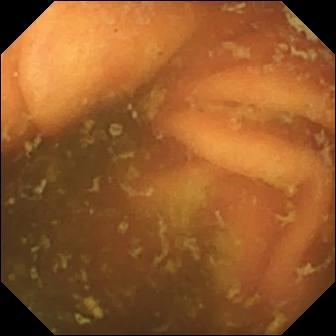Small-bowel capsule endoscopy. Location: ileo-cecal valve region (where the capsule passes from the small bowel into the large bowel).